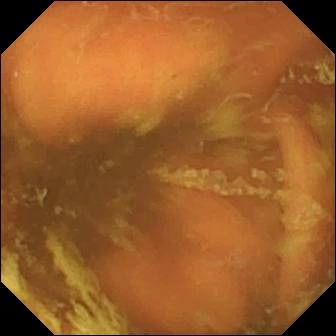modality: VCE; location: ileo-cecal valve region (the transition from the small bowel to the large bowel)